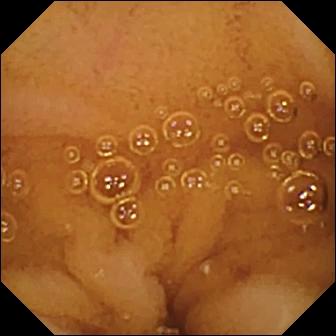- modality: WCE
- segment: small bowel
- impression: normal clean mucosa